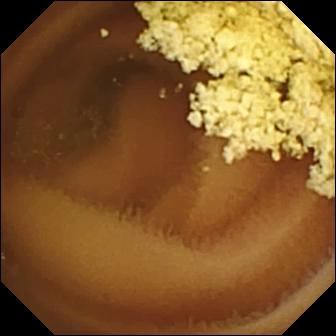Small-bowel capsule endoscopy snapshot of the small intestine showing normal clean mucosa.